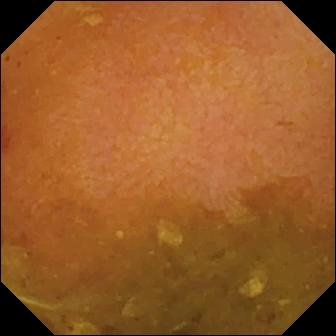Capsule endoscopy view showing reduced mucosal view (content or bubbles obscuring the mucosa).